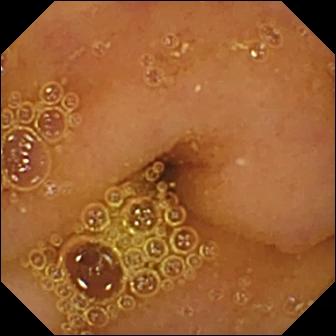Q: What does this WCE still show?
A: Normal clean mucosa.